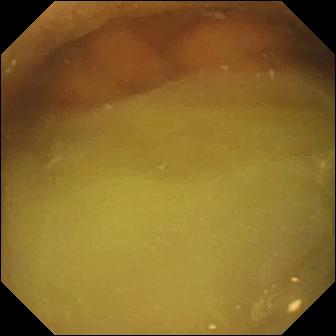WCE still (small intestine). Normal clean mucosa.